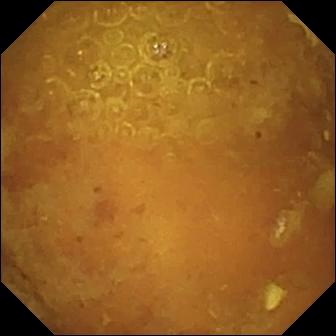WCE image (small bowel). Reduced mucosal view (content or bubbles obscuring the mucosa).